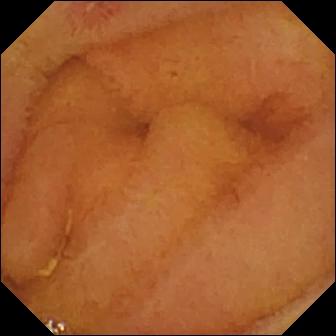PROCEDURE: WCE.
FINDINGS: Erosion.